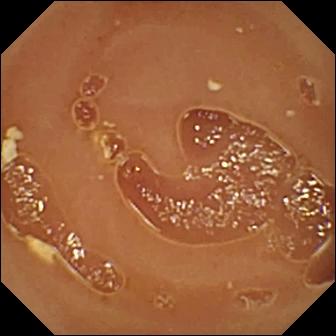Q: What does this capsule endoscopy frame of the small bowel show?
A: Normal clean mucosa.